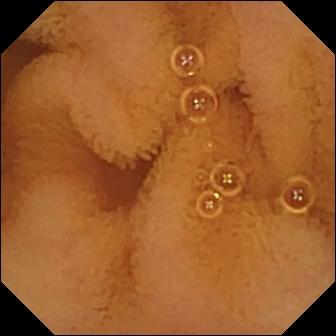- modality: WCE
- segment: small intestine
- label: normal clean mucosa